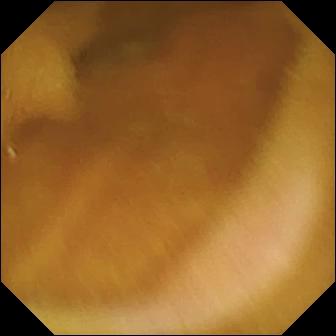{"modality": "VCE", "segment": "small intestine", "finding": "normal clean mucosa"}